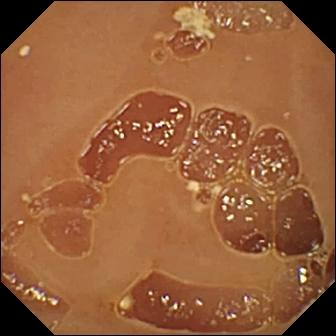Video capsule endoscopy still (small intestine), 336×336. Normal clean mucosa.